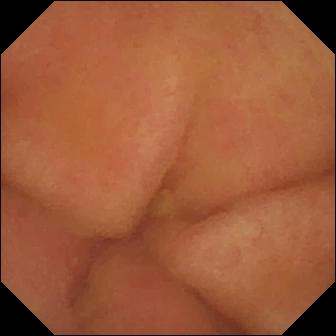Pylorus region (the junction between the stomach and the small bowel).